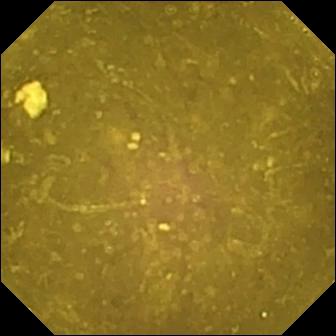This small-bowel capsule endoscopy view shows reduced mucosal view (content or bubbles obscuring the mucosa).